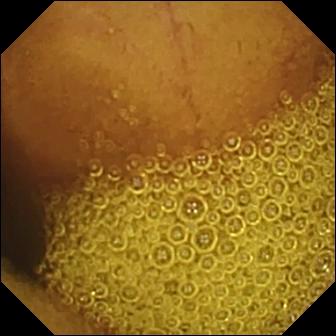VCE view (small intestine). Normal clean mucosa.